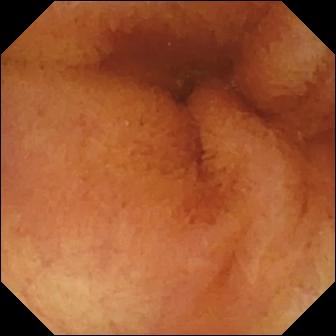Video capsule endoscopy still, small intestine
Impression: normal clean mucosa